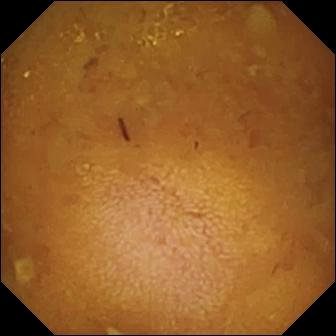Reduced mucosal view (content or bubbles obscuring the mucosa).